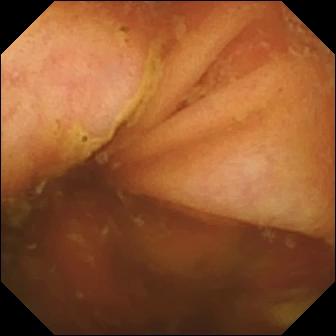Capsule endoscopy snapshot. Taken in the ileo-cecal valve region (the transition from the small bowel to the large bowel).